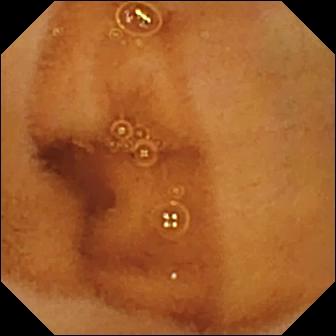WCE. Small intestine. Finding: normal clean mucosa.